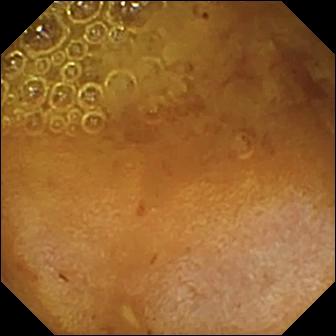Reduced mucosal view (content or bubbles obscuring the mucosa) (336×336).